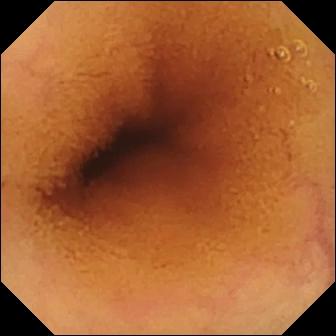- modality: video capsule endoscopy
- segment: small intestine
- finding: normal clean mucosa